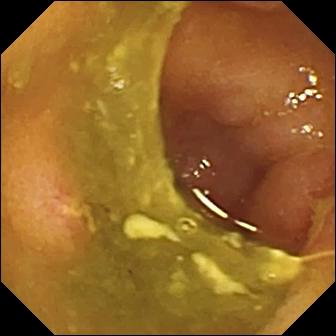Ulcer — wireless capsule endoscopy snapshot.